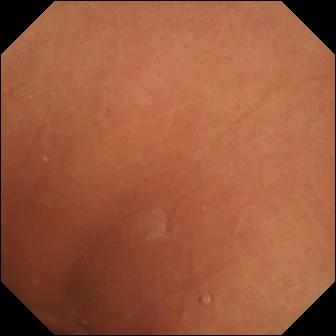Q: What does this VCE still show?
A: Normal clean mucosa.